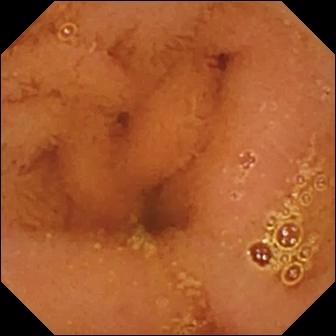This wireless capsule endoscopy frame shows normal clean mucosa.